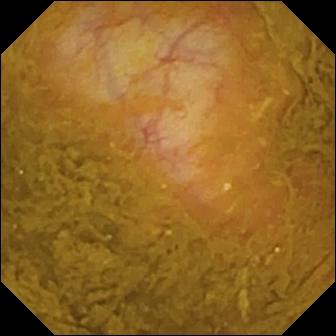PROCEDURE: Small-bowel capsule endoscopy.
POSITION: Ileo-cecal valve region (where the capsule passes from the small bowel into the large bowel).